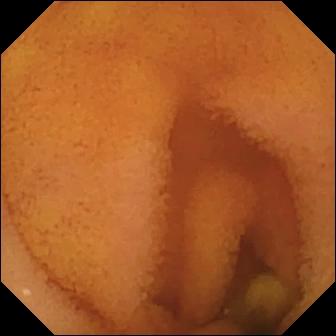modality: video capsule endoscopy; segment: small bowel; category: luminal finding; finding: normal clean mucosa